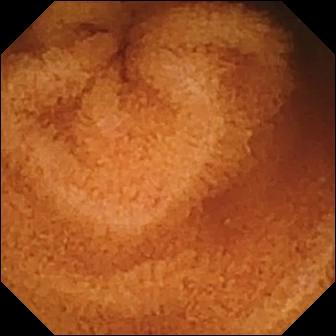{"modality": "capsule endoscopy", "segment": "small bowel", "finding": "normal clean mucosa"}